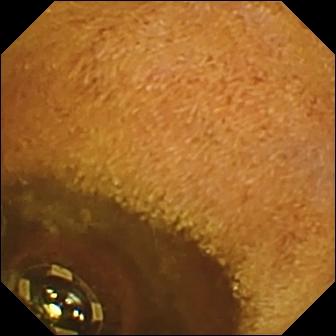Foreign body (e.g. retained capsule, tablet residue) — small-bowel capsule endoscopy still.